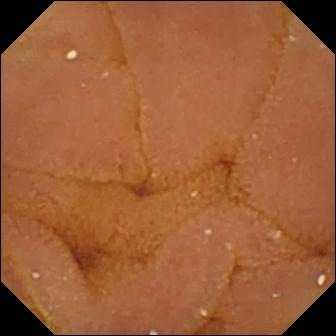modality: small-bowel capsule endoscopy | label: normal clean mucosa